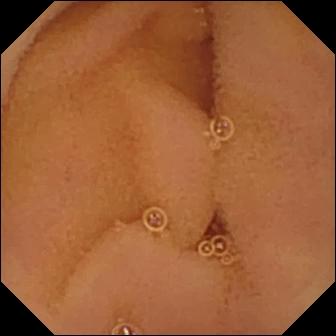Capsule endoscopy view showing normal clean mucosa.